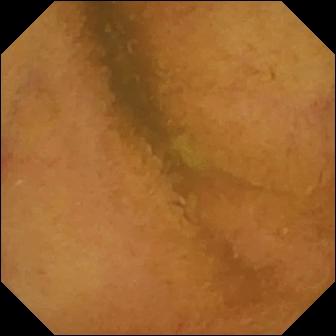- modality: wireless capsule endoscopy
- label: normal clean mucosa